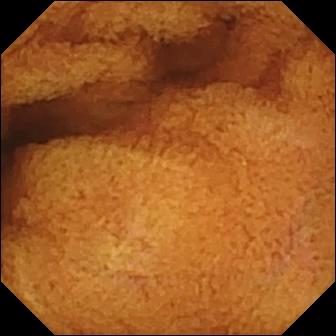{"modality": "capsule endoscopy", "category": "luminal finding", "finding": "normal clean mucosa"}